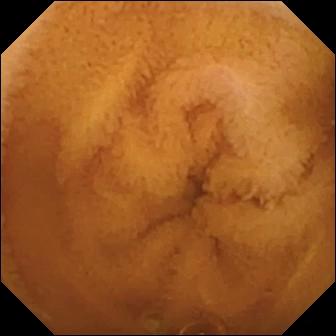Wireless capsule endoscopy image, small bowel
Observation: normal clean mucosa